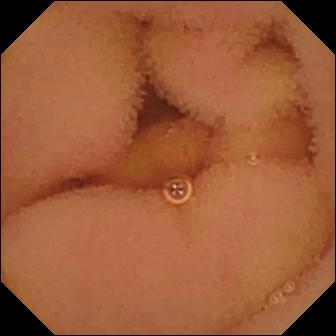modality: small-bowel capsule endoscopy | segment: small intestine | label: normal clean mucosa